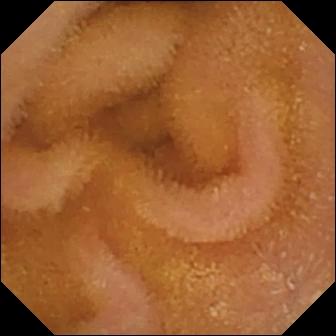- modality: small-bowel capsule endoscopy
- segment: small intestine
- finding: normal clean mucosa